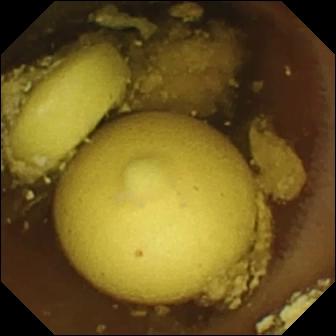Foreign body (e.g. retained capsule, tablet residue) — wireless capsule endoscopy frame.